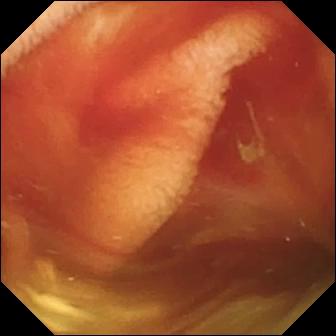PROCEDURE: Capsule endoscopy.
FINDINGS: Fresh blood in the lumen.